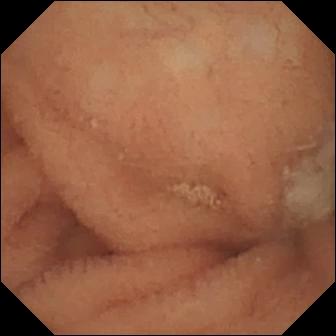Normal clean mucosa — WCE image.